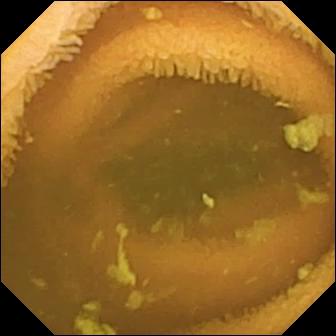Q: What does this video capsule endoscopy view show?
A: Normal clean mucosa.